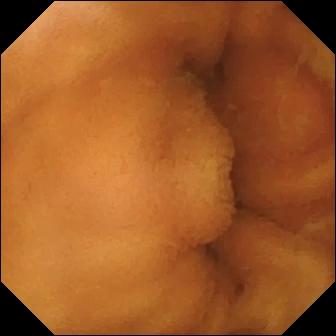Small-bowel capsule endoscopy. Luminal finding. Impression: normal clean mucosa.